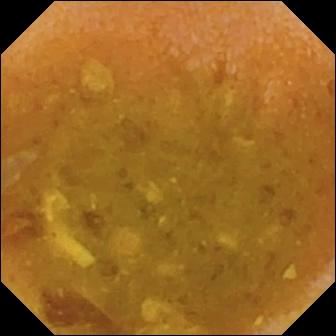PROCEDURE: Capsule endoscopy.
SEGMENT: Small intestine.
FINDINGS: Reduced mucosal view (content or bubbles obscuring the mucosa).